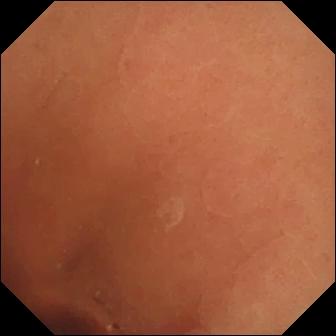Normal clean mucosa — capsule endoscopy snapshot.